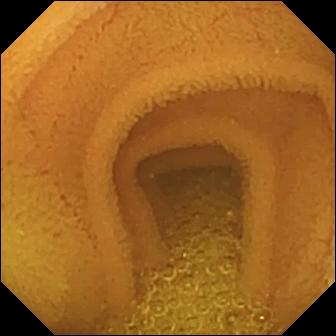Small-bowel capsule endoscopy — normal clean mucosa.